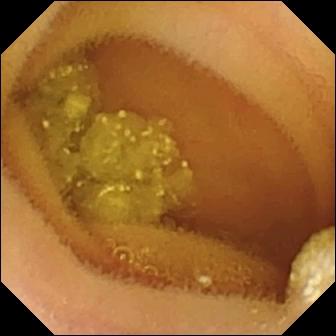{"modality": "video capsule endoscopy", "finding": "lymphangiectasia"}